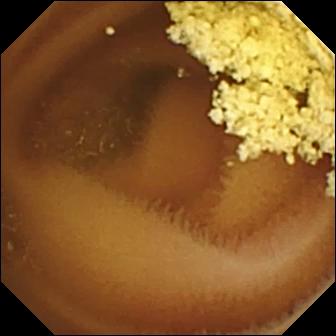modality: VCE; label: normal clean mucosa